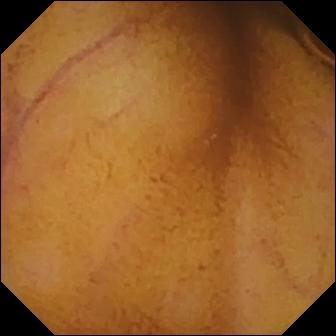modality: WCE | segment: small intestine | label: normal clean mucosa